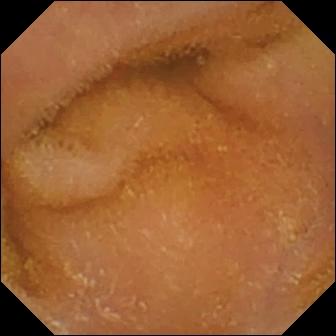- modality: small-bowel capsule endoscopy
- impression: normal clean mucosa